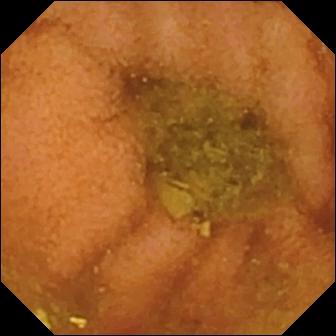modality: wireless capsule endoscopy; finding: normal clean mucosa